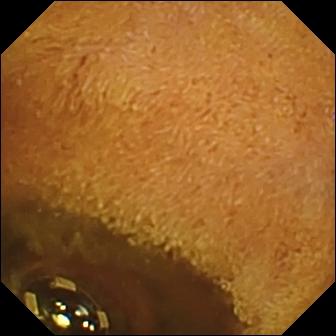Foreign body (e.g. retained capsule, tablet residue) — capsule endoscopy still.